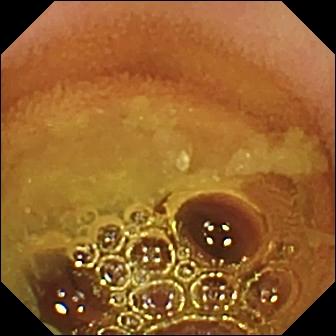Normal clean mucosa — video capsule endoscopy view.